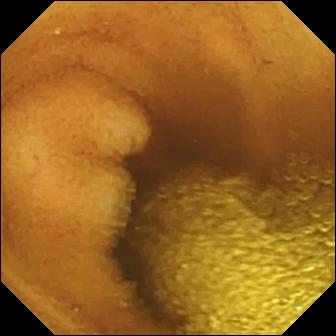Normal clean mucosa — VCE view.